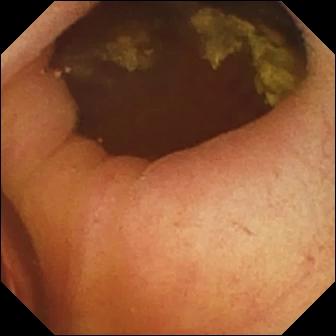Small-bowel capsule endoscopy still. Foreign body (e.g. retained capsule, tablet residue).